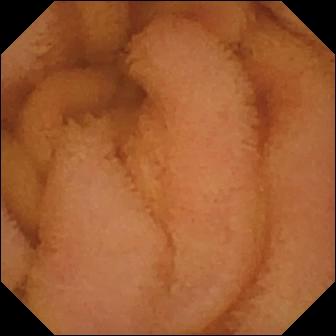WCE image, small intestine
Observation: normal clean mucosa